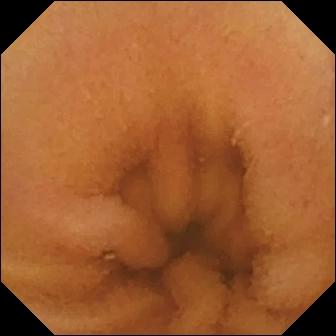Small-bowel capsule endoscopy snapshot showing normal clean mucosa.